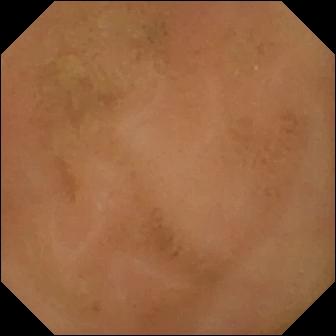Small-bowel capsule endoscopy image showing normal clean mucosa.